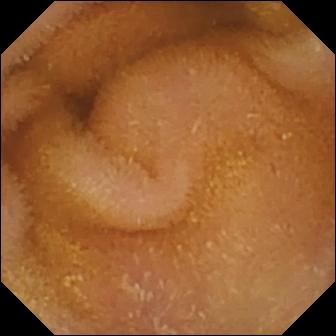Wireless capsule endoscopy. Luminal finding. Impression: normal clean mucosa.